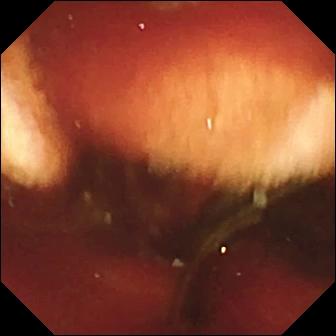PROCEDURE: Wireless capsule endoscopy.
FINDINGS: Fresh blood in the lumen.